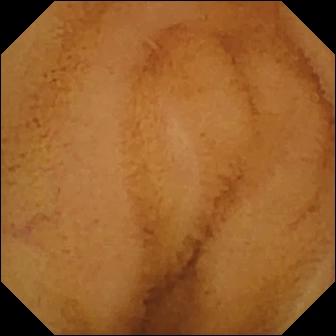Normal clean mucosa — small-bowel capsule endoscopy snapshot.